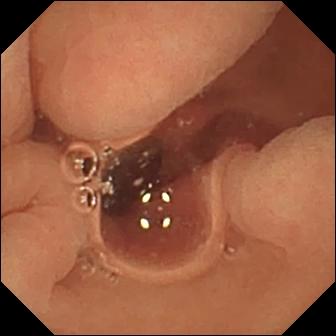Normal clean mucosa.